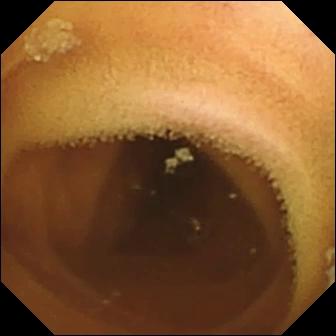Capsule endoscopy. Impression: normal clean mucosa.